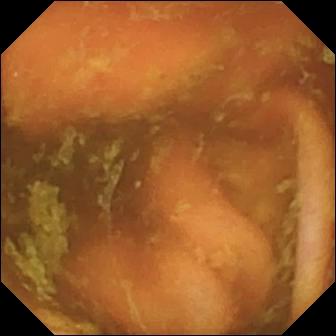Wireless capsule endoscopy — ileo-cecal valve region.